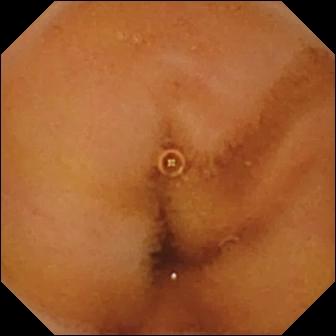- modality: small-bowel capsule endoscopy
- observation: normal clean mucosa